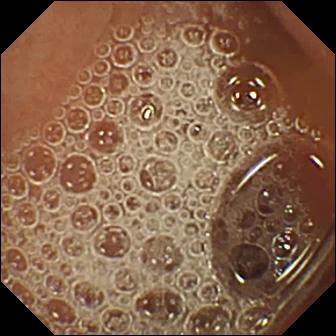modality: wireless capsule endoscopy | category: luminal finding | label: normal clean mucosa